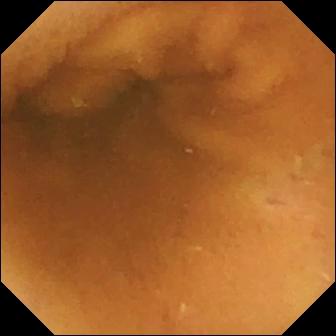VCE snapshot of the small bowel showing normal clean mucosa.